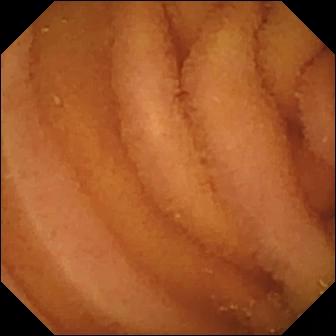Wireless capsule endoscopy — normal clean mucosa.